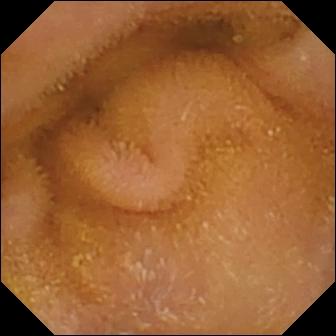Normal clean mucosa.